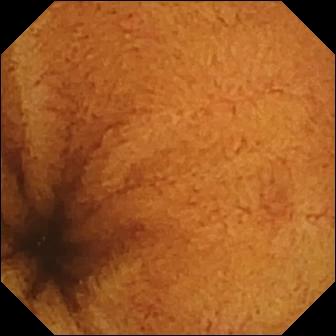Q: What does this small-bowel capsule endoscopy image show?
A: Normal clean mucosa.